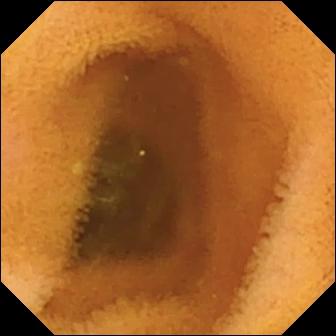Q: What does this WCE still show?
A: Normal clean mucosa.